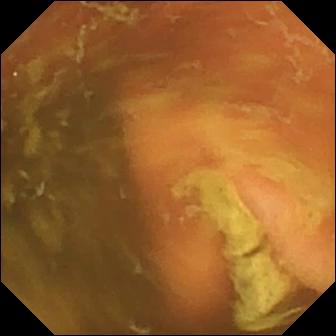modality: WCE | location: ileo-cecal valve region (where the capsule passes from the small bowel into the large bowel)